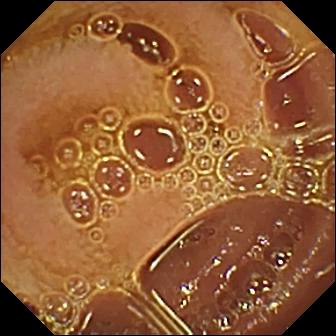Normal clean mucosa.